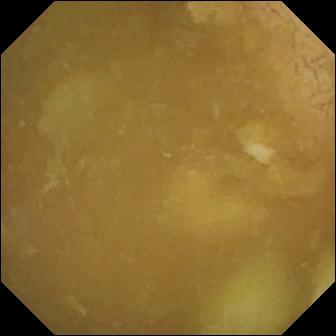Ileo-cecal valve region (the transition from the small bowel to the large bowel).